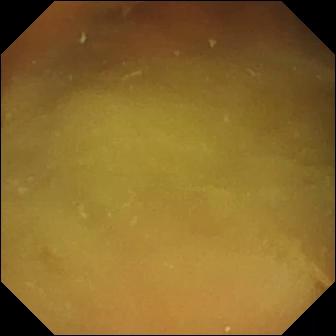{"modality": "wireless capsule endoscopy", "finding": "normal clean mucosa"}